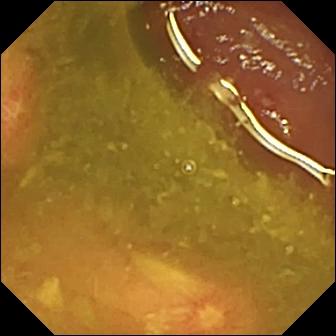modality: capsule endoscopy | observation: ulcer